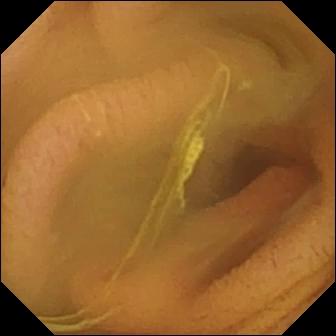Wireless capsule endoscopy — normal clean mucosa.